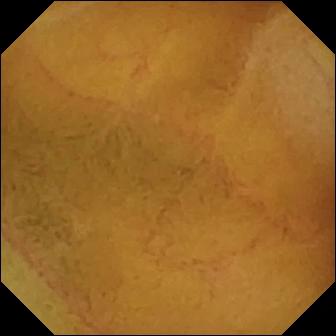PROCEDURE: Capsule endoscopy.
FINDINGS: Normal clean mucosa.